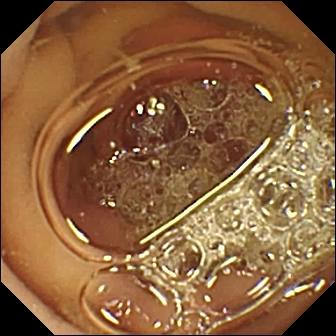Pylorus region — small-bowel capsule endoscopy frame.